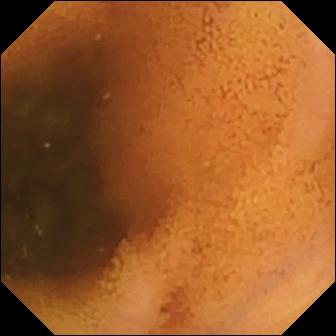Video capsule endoscopy frame (small bowel). Normal clean mucosa.